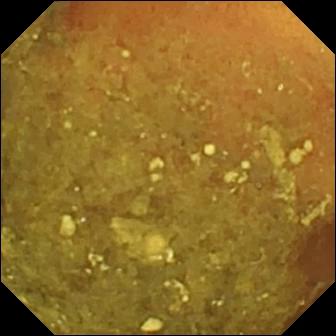This capsule endoscopy still of the small bowel shows reduced mucosal view (content or bubbles obscuring the mucosa).